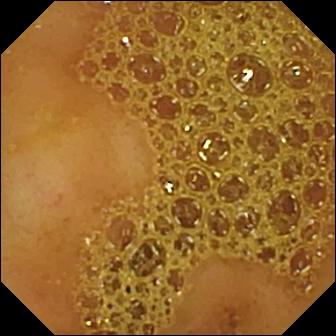{"modality": "small-bowel capsule endoscopy", "video_segment": "ileo-cecal valve region (the transition from the small bowel to the large bowel)"}